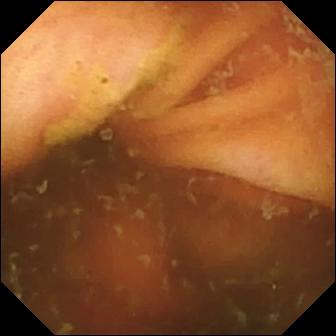PROCEDURE: Wireless capsule endoscopy.
VIDEO SEGMENT: Ileo-cecal valve region (where the capsule passes from the small bowel into the large bowel).